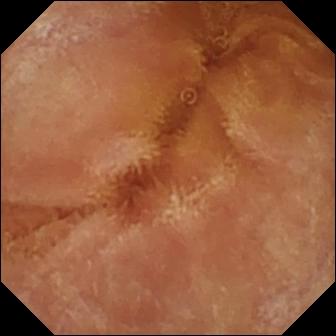PROCEDURE: Video capsule endoscopy.
SEGMENT: Small intestine.
FINDINGS: Normal clean mucosa.